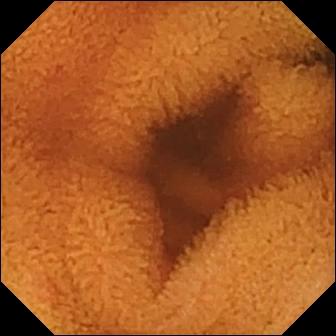{"modality": "wireless capsule endoscopy", "finding": "normal clean mucosa"}